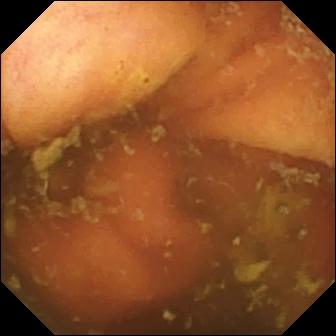VCE — ileo-cecal valve region (where the capsule passes from the small bowel into the large bowel).